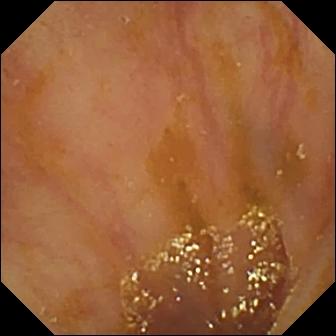Ileo-cecal valve region (where the capsule passes from the small bowel into the large bowel) — capsule endoscopy snapshot.